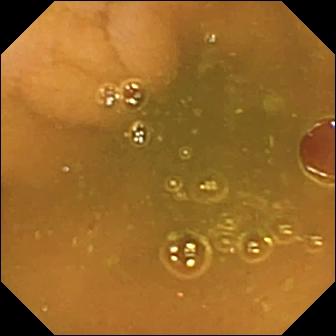modality: small-bowel capsule endoscopy
category: anatomical landmark
label: ileo-cecal valve region (where the capsule passes from the small bowel into the large bowel)